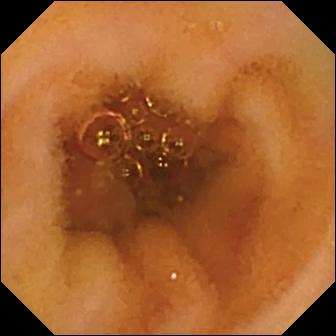Normal clean mucosa.